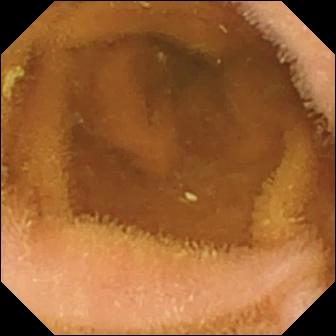- modality: capsule endoscopy
- segment: small intestine
- finding: normal clean mucosa